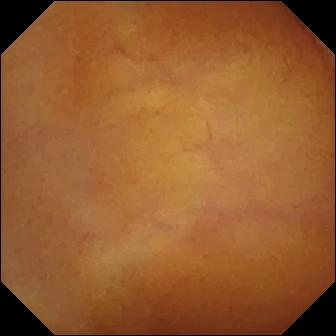VCE view (small bowel), 336×336. Normal clean mucosa.